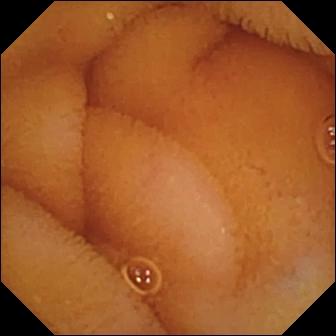This WCE image shows normal clean mucosa.